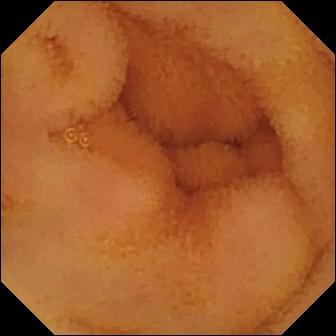VCE still (small intestine), 336×336. Normal clean mucosa.